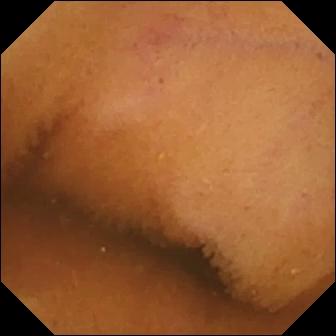Wireless capsule endoscopy — normal clean mucosa.